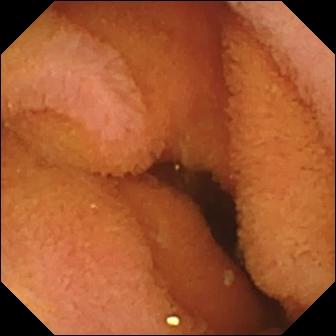Normal clean mucosa — video capsule endoscopy view.